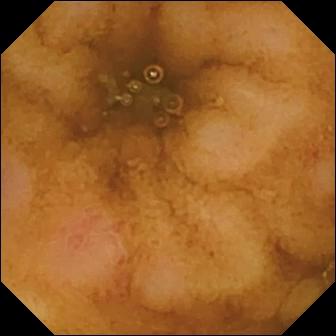Q: What does this wireless capsule endoscopy frame show?
A: Erosion.